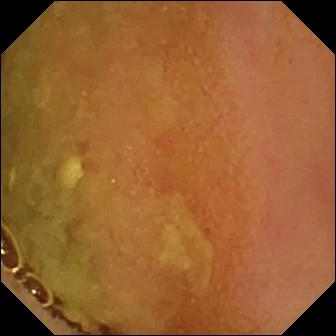Normal clean mucosa.